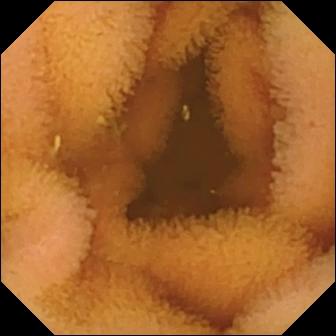Video capsule endoscopy. Small intestine. Label: normal clean mucosa.